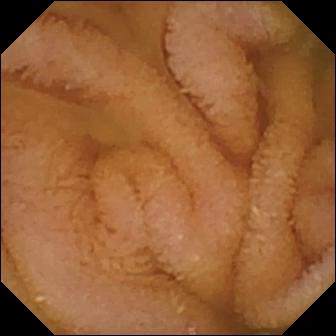Wireless capsule endoscopy still showing normal clean mucosa.